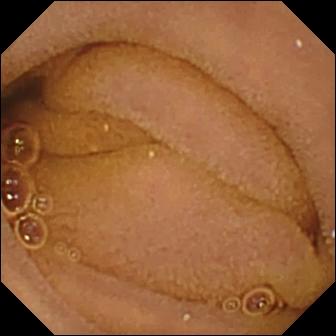Q: What does this video capsule endoscopy frame show?
A: Normal clean mucosa.